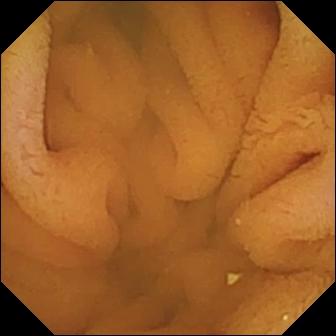WCE snapshot
Impression: normal clean mucosa